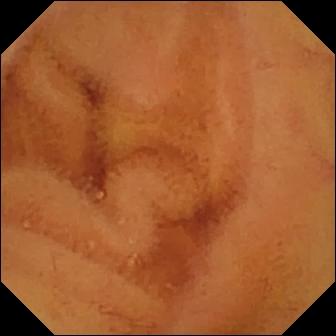Small-bowel capsule endoscopy frame showing normal clean mucosa.